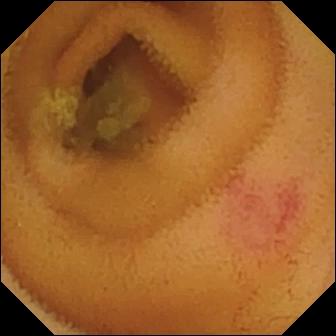modality: WCE | observation: angiectasia